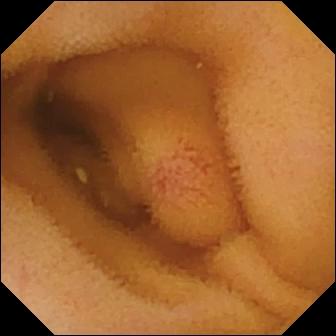{"modality": "video capsule endoscopy", "category": "luminal finding", "finding": "angiectasia"}